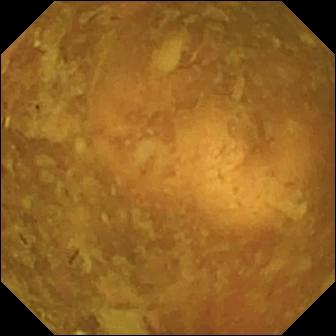This VCE snapshot of the small intestine shows reduced mucosal view (content or bubbles obscuring the mucosa).